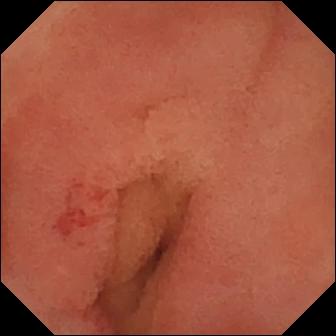Angiectasia — small-bowel capsule endoscopy still.